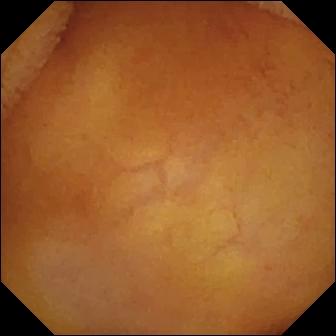modality: small-bowel capsule endoscopy | segment: small intestine | impression: normal clean mucosa